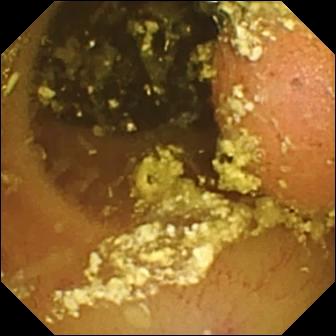{"modality": "WCE", "category": "luminal finding", "finding": "foreign body (e.g. retained capsule, tablet residue)"}